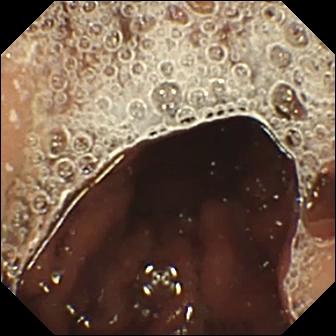This WCE image was taken in the pylorus region (where the capsule passes from the stomach into the small bowel).